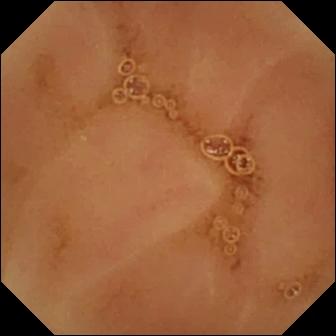{"modality": "capsule endoscopy", "finding": "normal clean mucosa"}